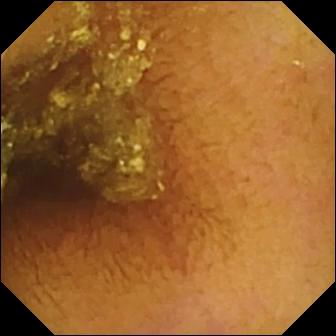VCE — normal clean mucosa.